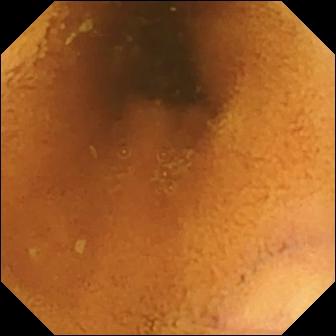Small-bowel capsule endoscopy — normal clean mucosa.